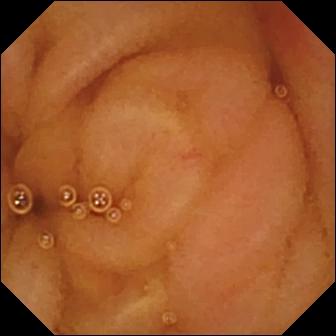This wireless capsule endoscopy frame shows normal clean mucosa.